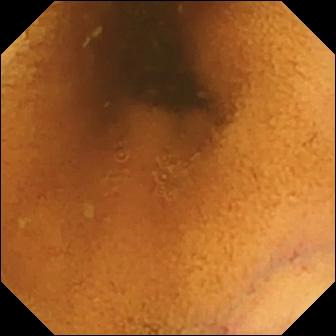- modality: video capsule endoscopy
- category: luminal finding
- impression: normal clean mucosa